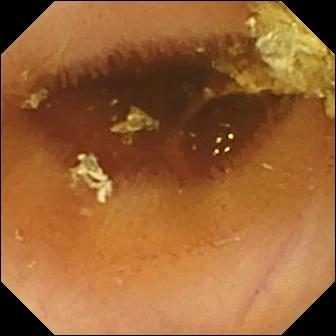WCE frame of the small bowel showing normal clean mucosa.